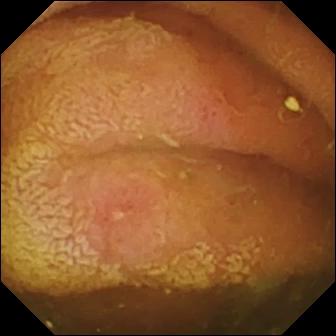Wireless capsule endoscopy. Observation: erosion.